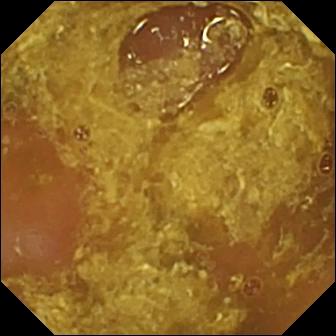- modality: WCE
- segment: small intestine
- category: luminal finding
- impression: reduced mucosal view (content or bubbles obscuring the mucosa)